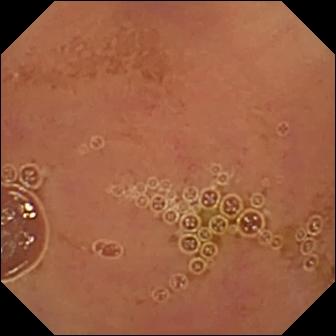{"modality": "WCE", "finding": "normal clean mucosa"}